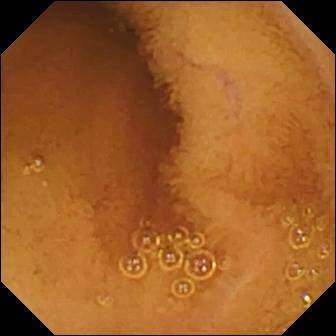This VCE still of the small bowel shows normal clean mucosa.